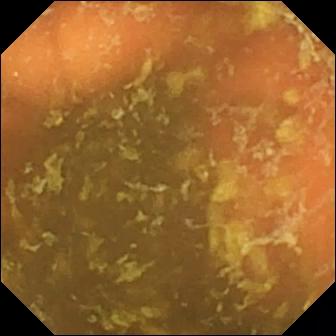- modality: small-bowel capsule endoscopy
- location: ileo-cecal valve region (the transition from the small bowel to the large bowel)